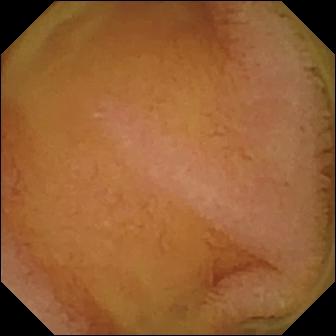Video capsule endoscopy still. Normal clean mucosa.